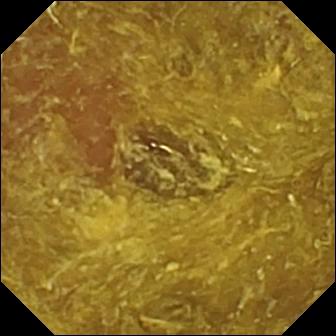Small-bowel capsule endoscopy. Small bowel. Finding: reduced mucosal view (content or bubbles obscuring the mucosa).